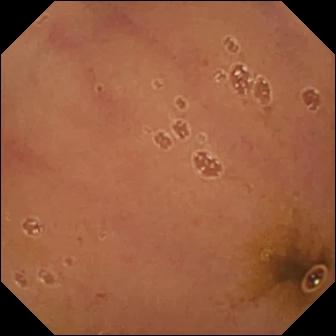Wireless capsule endoscopy image showing normal clean mucosa.